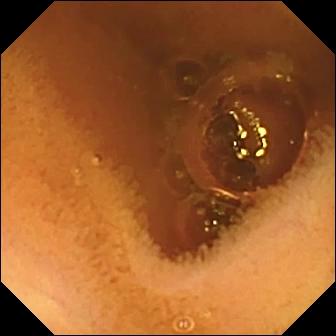Capsule endoscopy still
Observation: normal clean mucosa